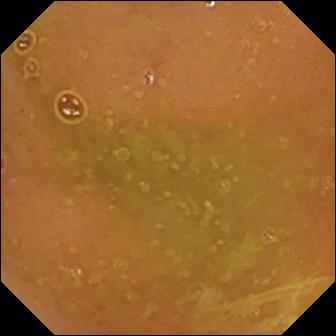Wireless capsule endoscopy frame. Normal clean mucosa.